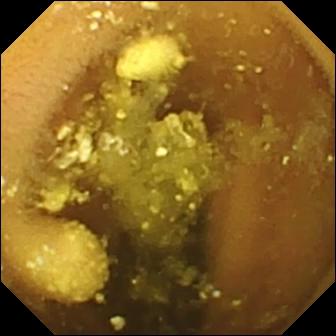Video capsule endoscopy snapshot
Impression: lymphangiectasia